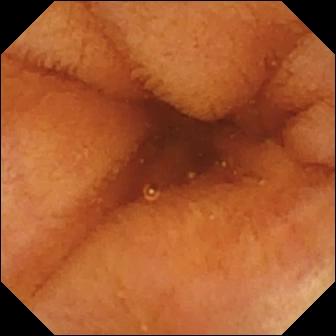{"modality": "capsule endoscopy", "finding": "normal clean mucosa"}